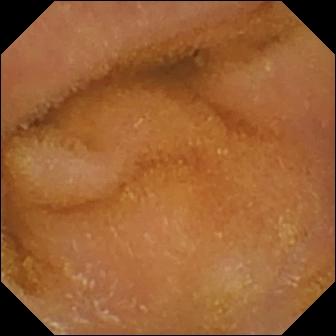Q: What does this wireless capsule endoscopy view of the small intestine show?
A: Normal clean mucosa.